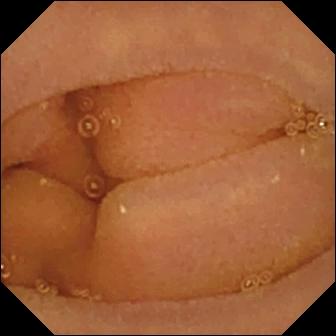Small-bowel capsule endoscopy — normal clean mucosa.